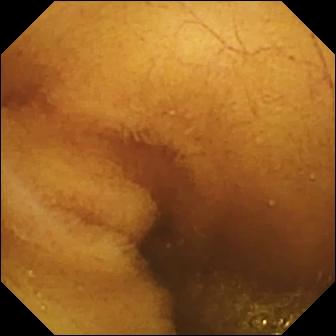PROCEDURE: Video capsule endoscopy.
FINDINGS: Normal clean mucosa.